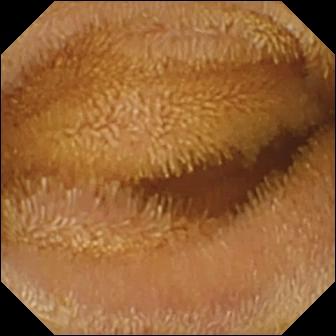Video capsule endoscopy. Small bowel. Luminal finding. Impression: normal clean mucosa.